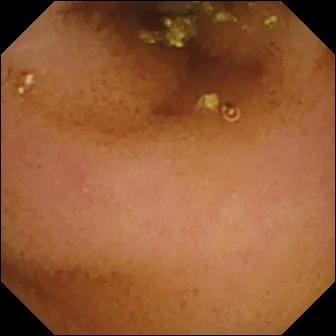Capsule endoscopy frame of the small intestine showing normal clean mucosa.